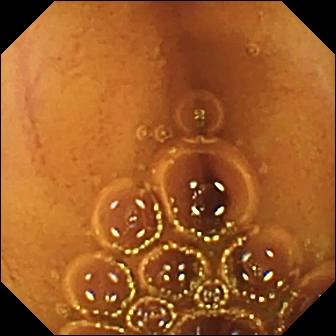Video capsule endoscopy frame of the small bowel showing normal clean mucosa.